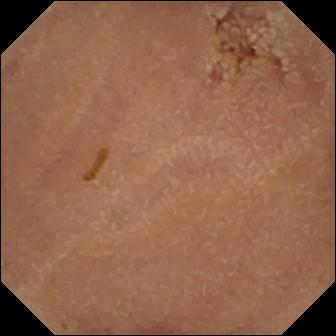Small-bowel capsule endoscopy view. Normal clean mucosa.